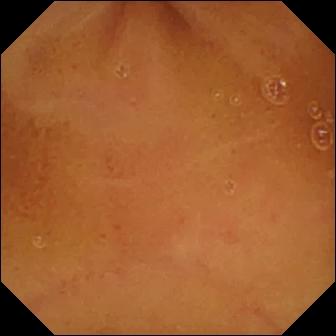Wireless capsule endoscopy frame (small bowel). Normal clean mucosa.